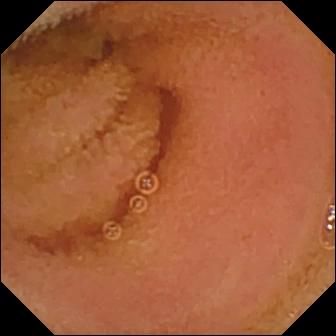Video capsule endoscopy. Small intestine. Impression: normal clean mucosa.